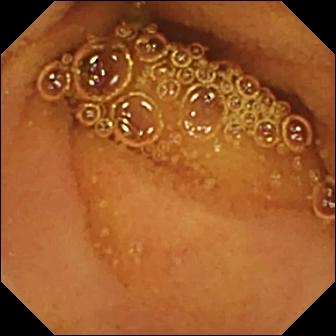WCE view. Normal clean mucosa.